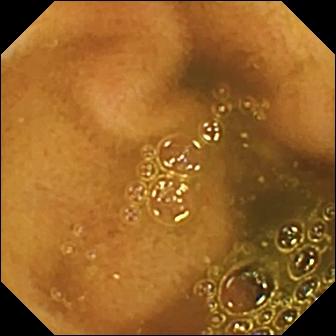Ileo-cecal valve region (where the capsule passes from the small bowel into the large bowel).